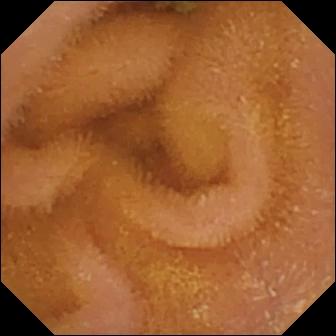Capsule endoscopy — normal clean mucosa.